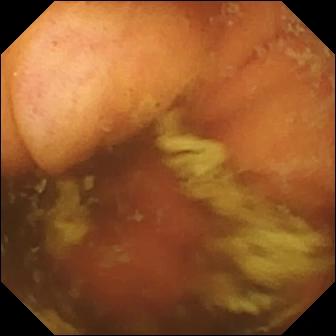Ileo-cecal valve region — wireless capsule endoscopy snapshot.